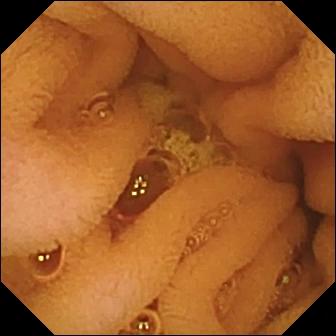Small-bowel capsule endoscopy — normal clean mucosa.